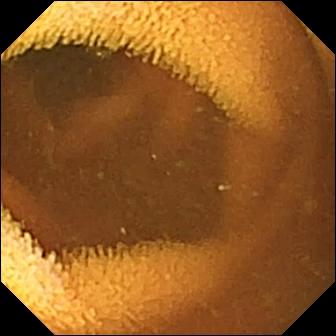VCE image showing normal clean mucosa.